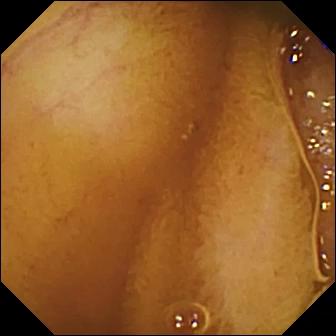PROCEDURE: Video capsule endoscopy.
SEGMENT: Small bowel.
FINDINGS: Normal clean mucosa.